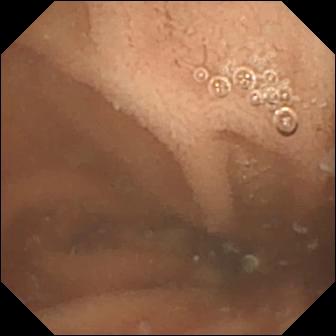PROCEDURE: WCE.
SEGMENT: Small intestine.
FINDINGS: Normal clean mucosa.